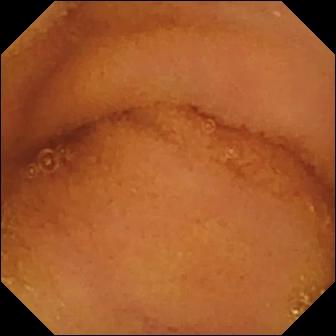Video capsule endoscopy — normal clean mucosa.